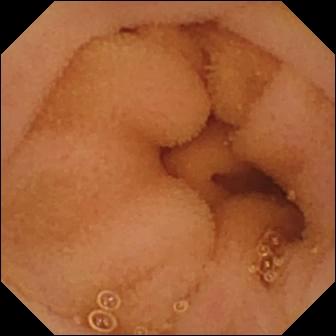Small-bowel capsule endoscopy — normal clean mucosa.